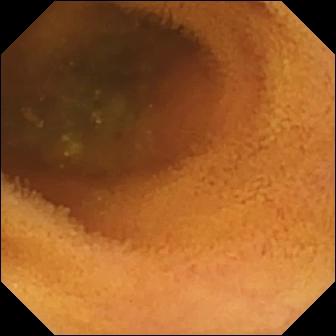Small-bowel capsule endoscopy snapshot (small intestine). Normal clean mucosa.